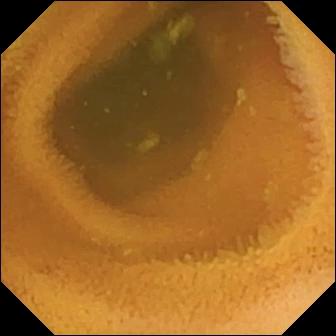This WCE image of the small intestine shows normal clean mucosa.